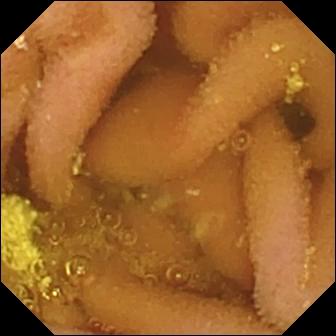Q: What does this small-bowel capsule endoscopy still show?
A: Lymphangiectasia.